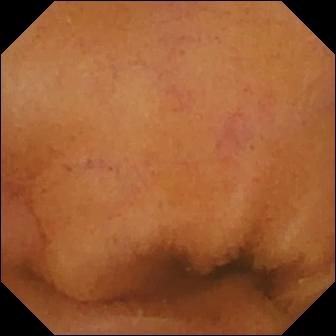Small-bowel capsule endoscopy image
Impression: normal clean mucosa